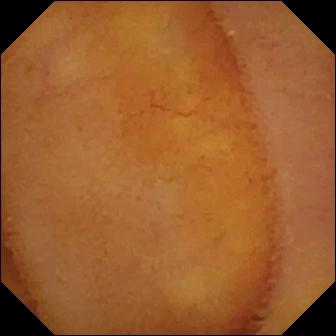WCE snapshot, small intestine
Finding: normal clean mucosa